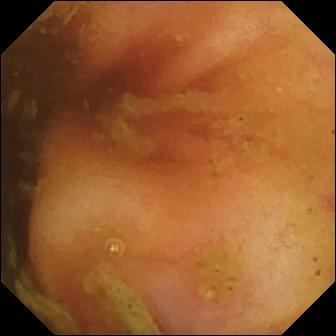modality: WCE; video segment: ileo-cecal valve region (the transition from the small bowel to the large bowel)